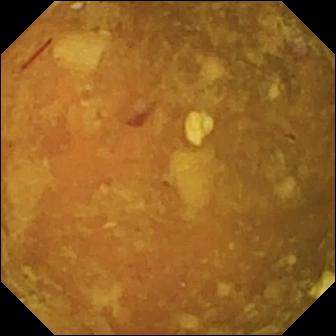Reduced mucosal view (content or bubbles obscuring the mucosa).